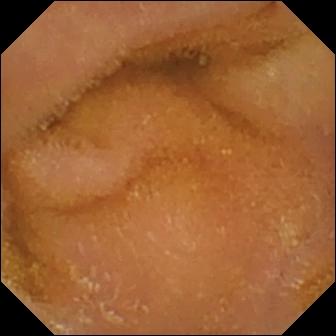Capsule endoscopy image, 336×336. Normal clean mucosa.